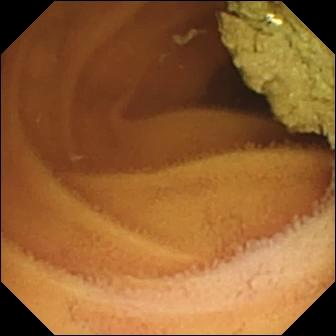WCE image, small bowel
Observation: normal clean mucosa